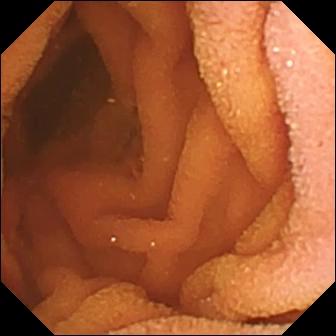modality: WCE
finding: normal clean mucosa